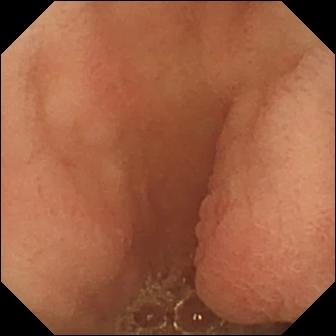modality: VCE; label: pylorus region (the junction between the stomach and the small bowel)